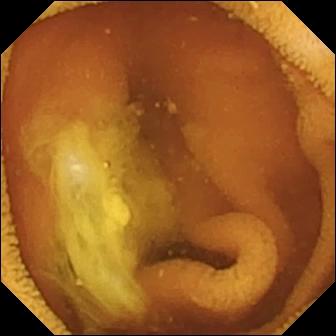PROCEDURE: Wireless capsule endoscopy.
SEGMENT: Small intestine.
FINDINGS: Normal clean mucosa.